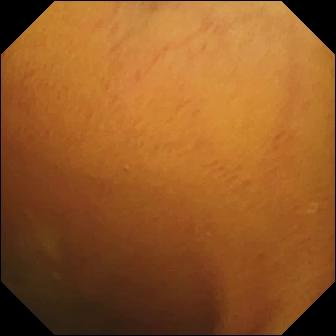- modality: video capsule endoscopy
- label: normal clean mucosa